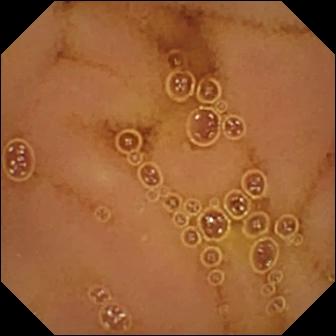This wireless capsule endoscopy frame of the small bowel shows normal clean mucosa.